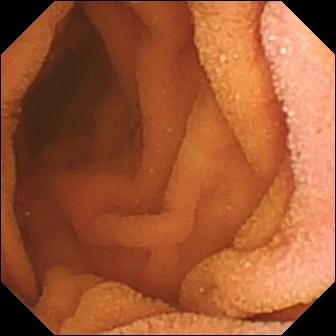modality: VCE
segment: small intestine
category: luminal finding
label: normal clean mucosa